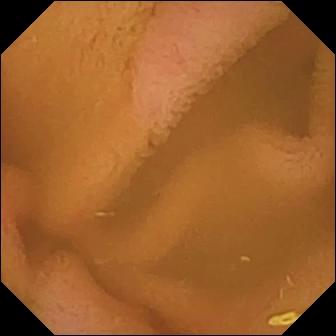Small-bowel capsule endoscopy image showing normal clean mucosa.